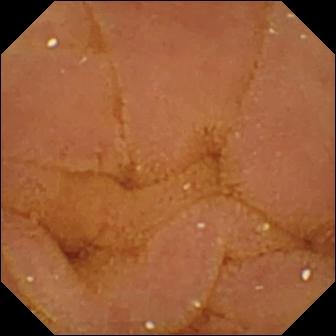Capsule endoscopy. Small intestine. Impression: normal clean mucosa.